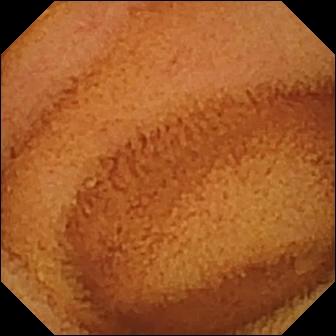Wireless capsule endoscopy snapshot. Normal clean mucosa.